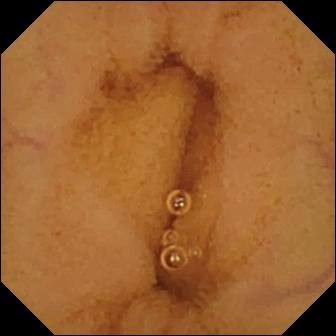Wireless capsule endoscopy snapshot (small intestine). Normal clean mucosa.